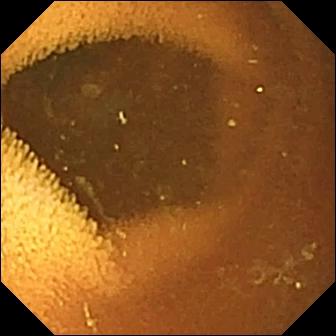Normal clean mucosa.